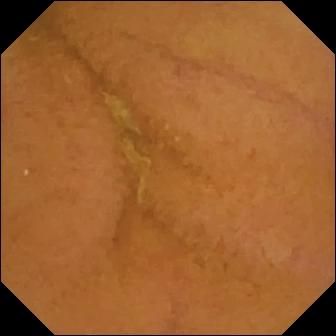- modality: wireless capsule endoscopy
- observation: normal clean mucosa